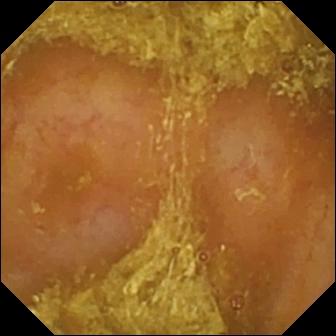Small-bowel capsule endoscopy. Impression: reduced mucosal view (content or bubbles obscuring the mucosa).